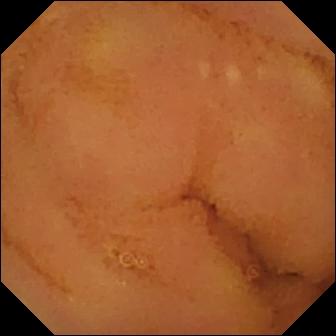WCE frame (small intestine), 336×336. Normal clean mucosa.